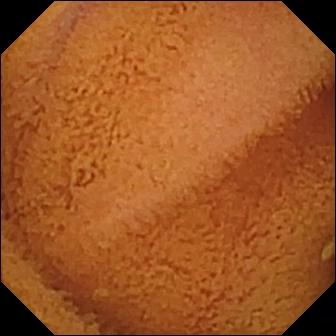{"modality": "small-bowel capsule endoscopy", "segment": "small bowel", "finding": "normal clean mucosa"}